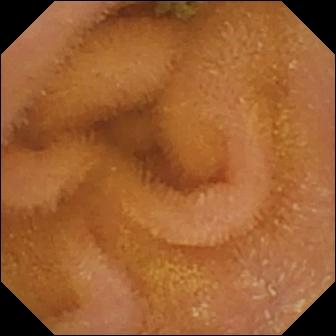WCE still
Observation: normal clean mucosa